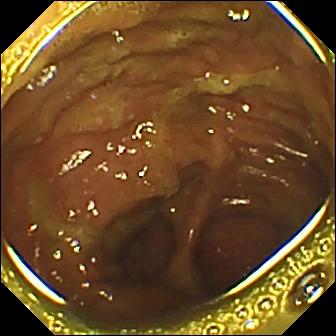- modality: video capsule endoscopy
- location: ileo-cecal valve region (where the capsule passes from the small bowel into the large bowel)